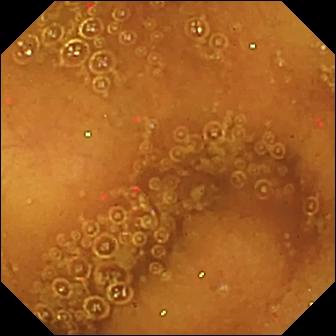Q: What does this video capsule endoscopy snapshot show?
A: Normal clean mucosa.